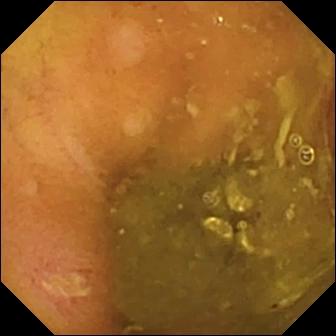Video capsule endoscopy. Observation: ulcer.